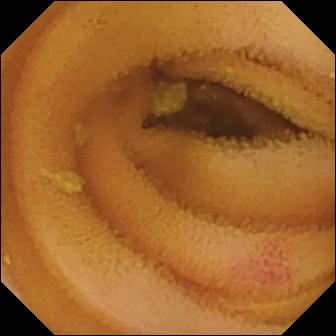Angiectasia.